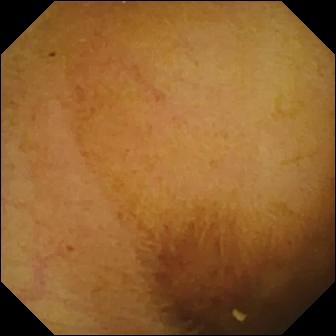{"modality": "small-bowel capsule endoscopy", "finding": "normal clean mucosa"}